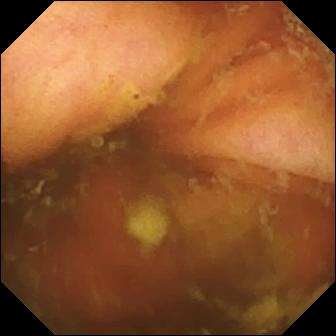- modality: VCE
- label: ileo-cecal valve region